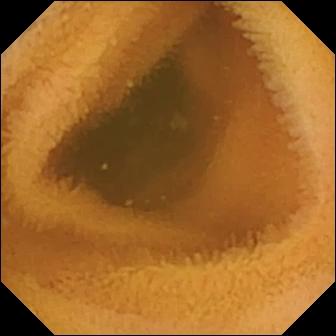Normal clean mucosa.